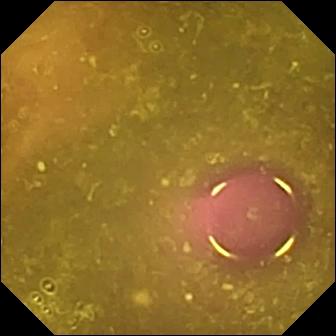WCE — reduced mucosal view (content or bubbles obscuring the mucosa).